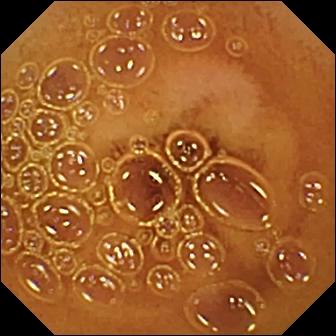Wireless capsule endoscopy — normal clean mucosa.